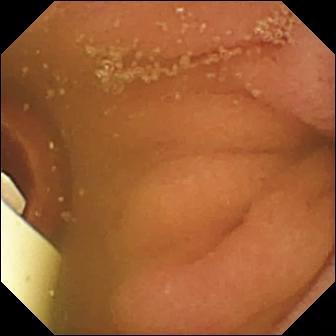Q: What does this capsule endoscopy still show?
A: Foreign body (e.g. retained capsule, tablet residue).